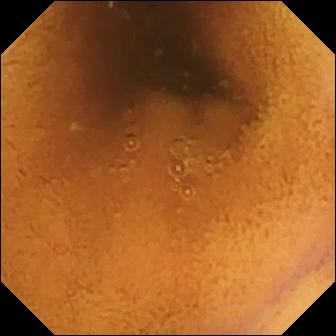WCE frame
Label: normal clean mucosa